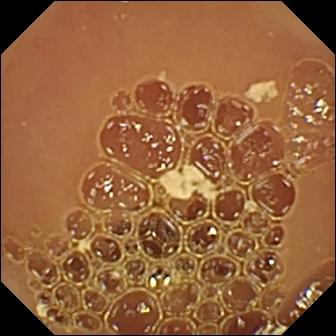VCE view
Impression: normal clean mucosa